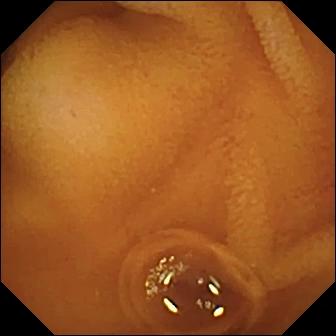Normal clean mucosa (336×336).